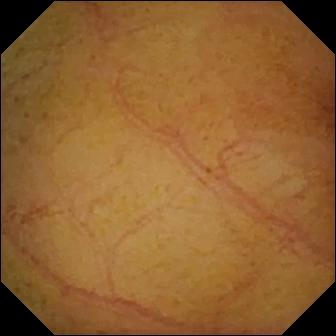Wireless capsule endoscopy. Label: normal clean mucosa.